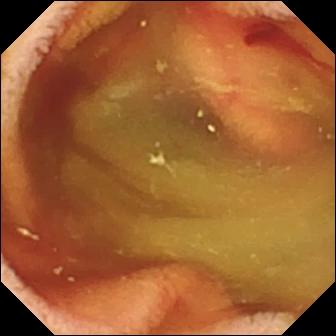Small-bowel capsule endoscopy frame showing fresh blood in the lumen.